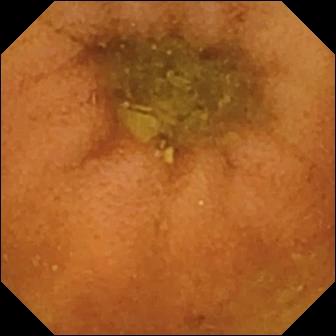Normal clean mucosa.